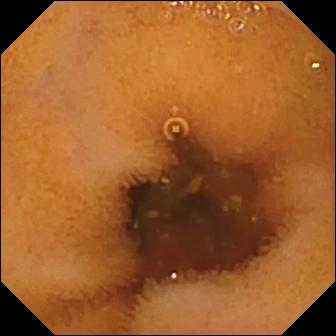This capsule endoscopy frame of the small bowel shows normal clean mucosa.